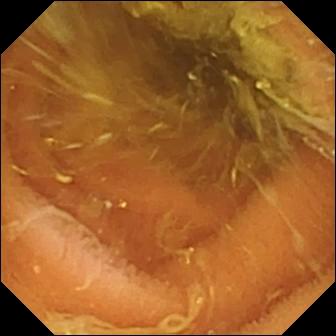Normal clean mucosa.